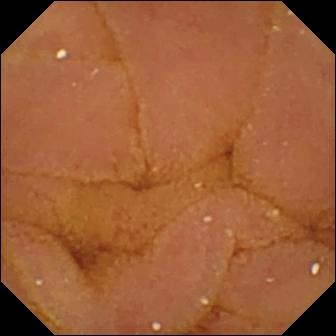{"modality": "video capsule endoscopy", "segment": "small intestine", "finding": "normal clean mucosa"}